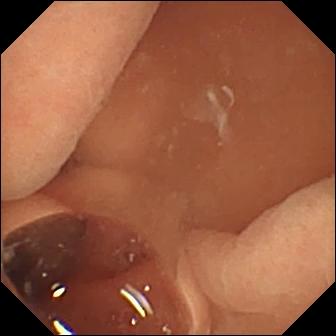Normal clean mucosa — small-bowel capsule endoscopy image.